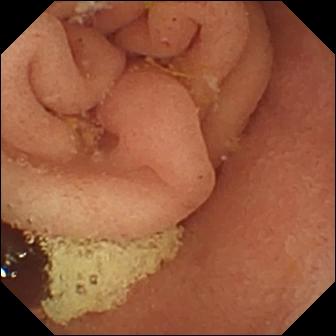Wireless capsule endoscopy. Video segment: pylorus region.